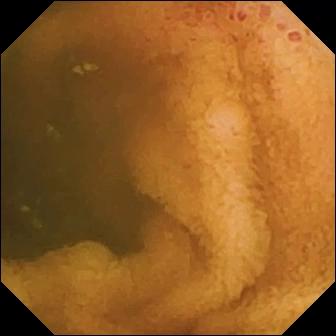WCE — erosion.